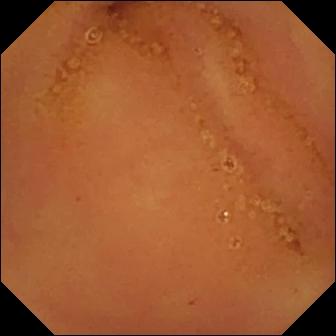Small-bowel capsule endoscopy — normal clean mucosa.